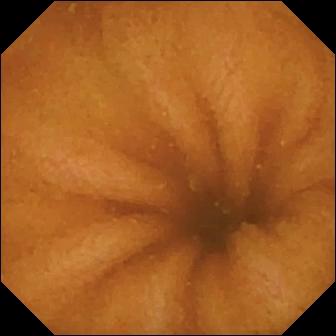PROCEDURE: Wireless capsule endoscopy.
SEGMENT: Small intestine.
FINDINGS: Normal clean mucosa.